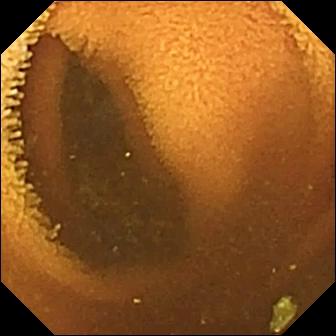Video capsule endoscopy image of the small bowel showing normal clean mucosa.